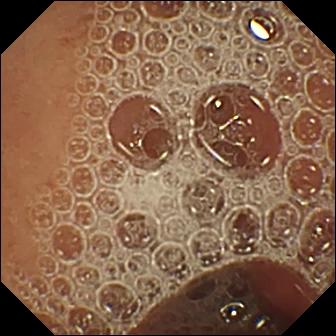Capsule endoscopy. Impression: normal clean mucosa.